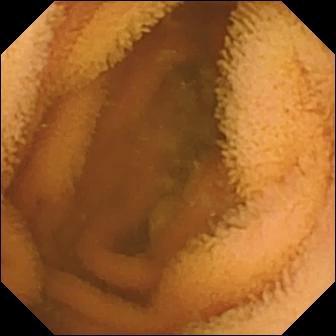This capsule endoscopy still shows normal clean mucosa.